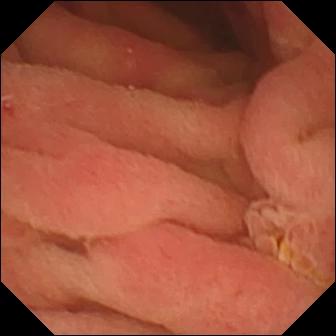Small-bowel capsule endoscopy. Small intestine. Label: ampulla of Vater (major duodenal papilla).